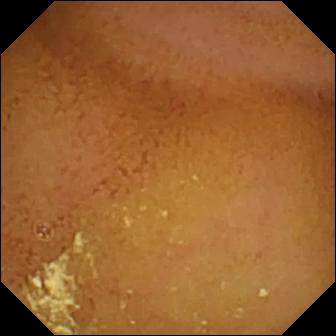PROCEDURE: Capsule endoscopy.
SEGMENT: Small bowel.
FINDINGS: Normal clean mucosa.